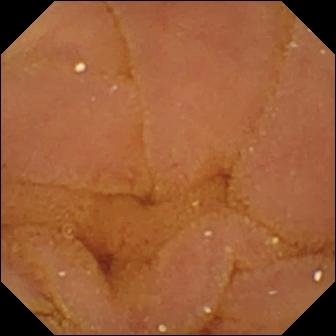VCE frame showing normal clean mucosa.